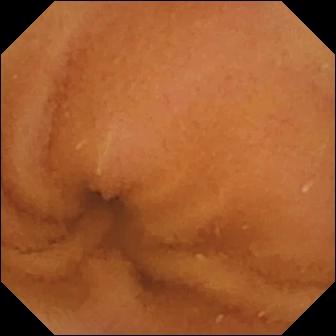PROCEDURE: Video capsule endoscopy.
SEGMENT: Small intestine.
FINDINGS: Normal clean mucosa.